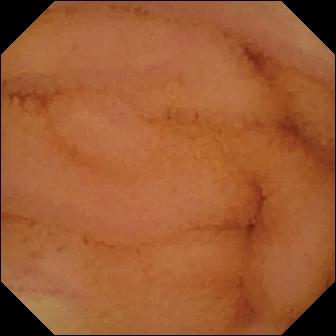Small-bowel capsule endoscopy image
Label: normal clean mucosa